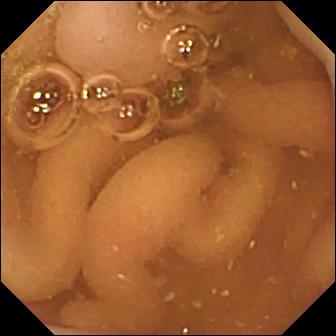Pylorus region (the junction between the stomach and the small bowel) — capsule endoscopy image.